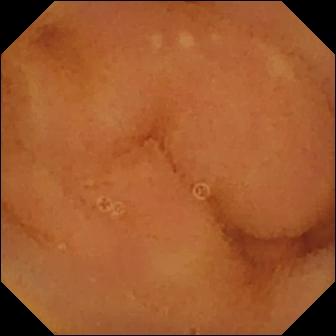Video capsule endoscopy. Small intestine. Observation: normal clean mucosa.